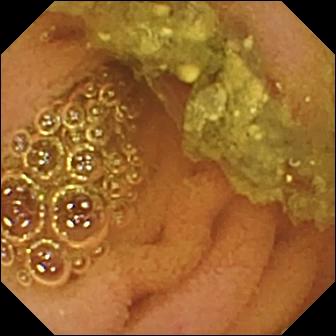PROCEDURE: VCE.
SEGMENT: Small bowel.
FINDINGS: Normal clean mucosa.